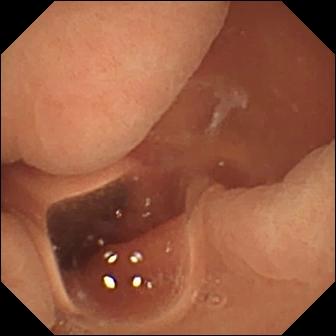Small-bowel capsule endoscopy frame
Impression: normal clean mucosa